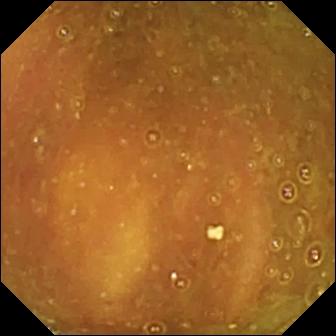Small-bowel capsule endoscopy frame. Taken in the ileo-cecal valve region (the transition from the small bowel to the large bowel).